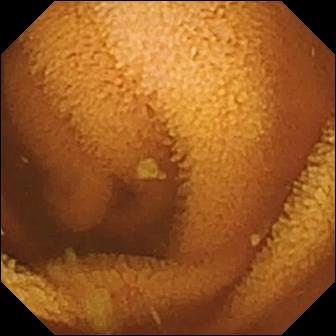This video capsule endoscopy still of the small bowel shows normal clean mucosa.